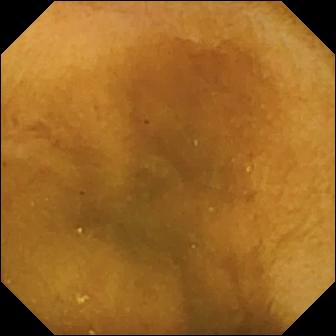PROCEDURE: WCE.
SEGMENT: Small intestine.
FINDINGS: Normal clean mucosa.